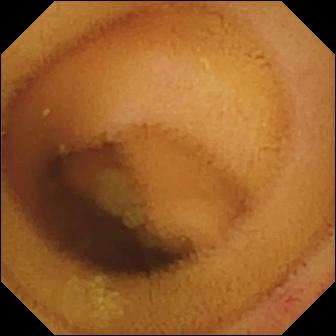Angiectasia — WCE still.